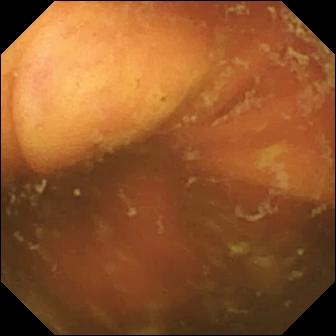Capsule endoscopy still taken in the ileo-cecal valve region (where the capsule passes from the small bowel into the large bowel).